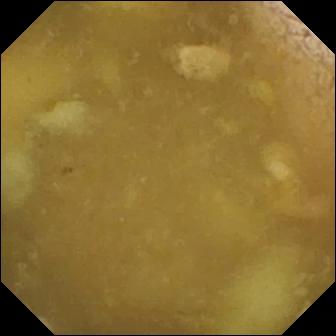Video capsule endoscopy. Video segment: ileo-cecal valve region (the transition from the small bowel to the large bowel).